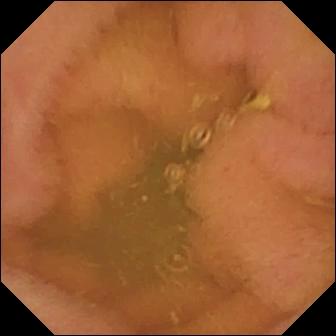Capsule endoscopy snapshot
Observation: normal clean mucosa